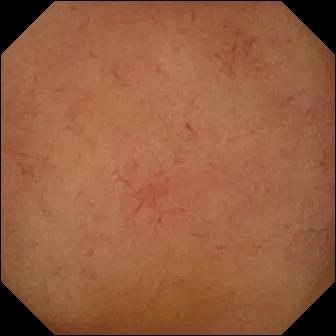PROCEDURE: Wireless capsule endoscopy.
SEGMENT: Small bowel.
FINDINGS: Normal clean mucosa.